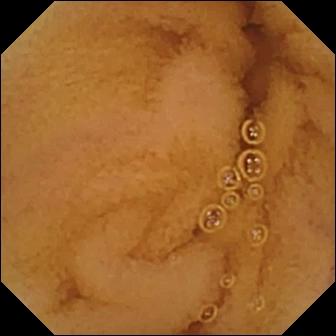Q: What does this WCE still show?
A: Normal clean mucosa.